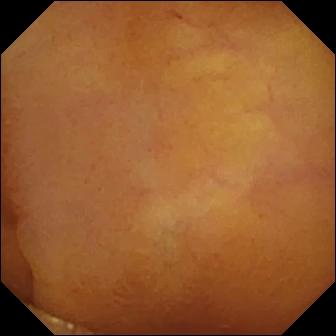modality: capsule endoscopy | finding: normal clean mucosa